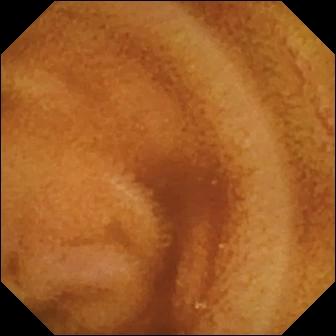Wireless capsule endoscopy. Impression: normal clean mucosa.